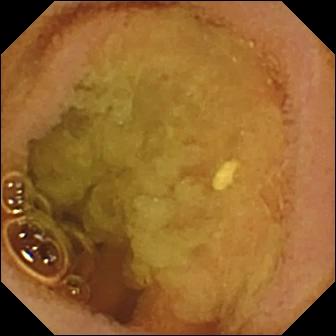modality: capsule endoscopy; segment: small intestine; finding: normal clean mucosa